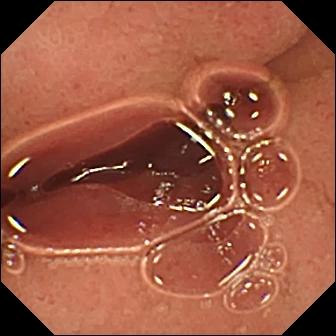Video capsule endoscopy view taken in the pylorus region (the junction between the stomach and the small bowel).